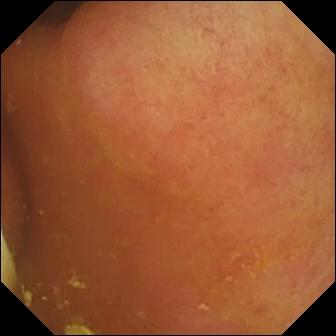Capsule endoscopy — foreign body (e.g. retained capsule, tablet residue).